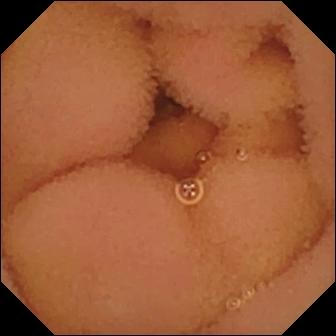This video capsule endoscopy frame of the small bowel shows normal clean mucosa.